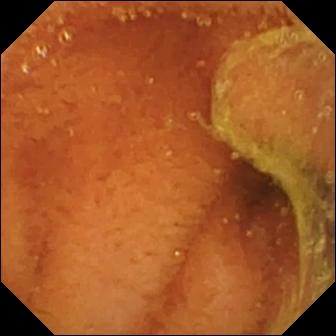VCE — normal clean mucosa.